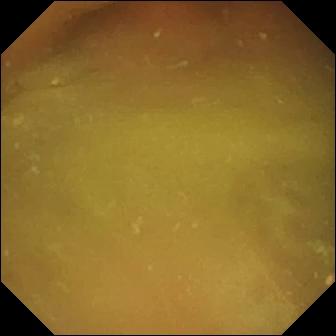modality: VCE | segment: small bowel | finding: normal clean mucosa